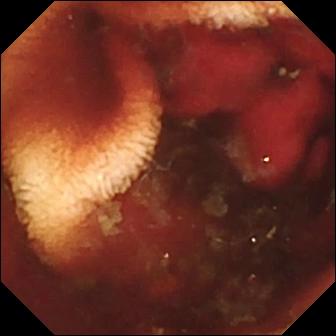- modality: video capsule endoscopy
- category: luminal finding
- impression: fresh blood in the lumen